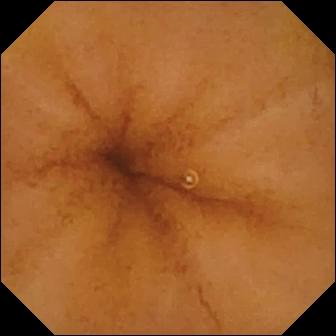This wireless capsule endoscopy still shows normal clean mucosa.